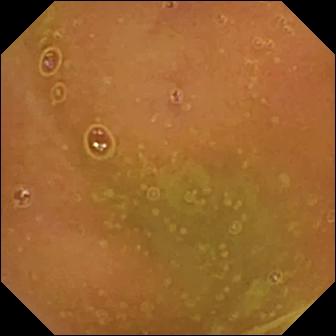Wireless capsule endoscopy. Observation: normal clean mucosa.